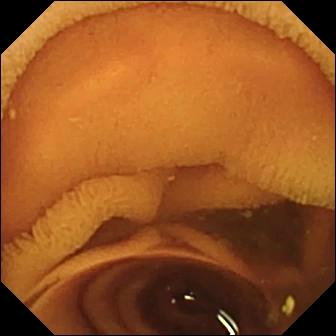Capsule endoscopy image showing normal clean mucosa.